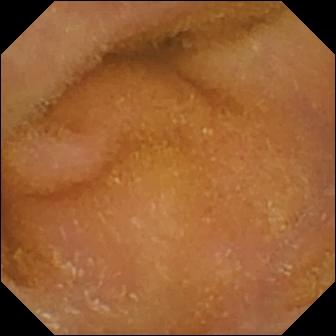PROCEDURE: VCE.
FINDINGS: Normal clean mucosa.